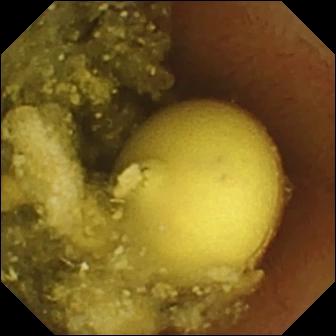Foreign body (e.g. retained capsule, tablet residue).